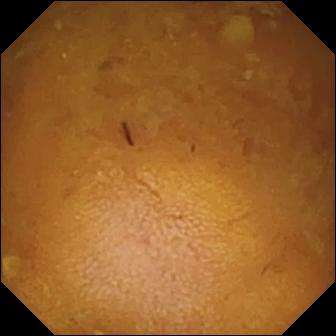Reduced mucosal view (content or bubbles obscuring the mucosa) — wireless capsule endoscopy still.